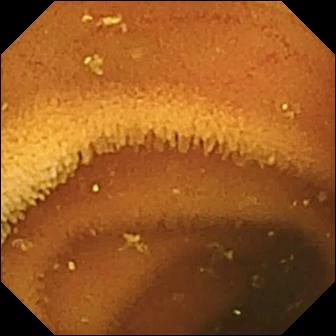PROCEDURE: Wireless capsule endoscopy.
FINDINGS: Normal clean mucosa.